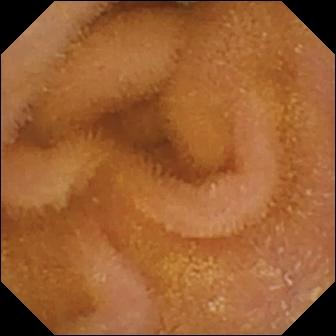Normal clean mucosa.